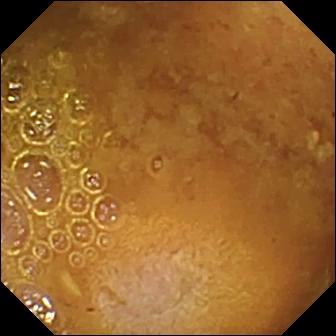Video capsule endoscopy. Observation: reduced mucosal view (content or bubbles obscuring the mucosa).